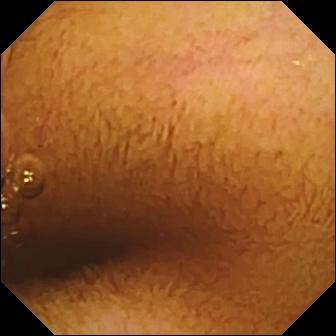Normal clean mucosa.